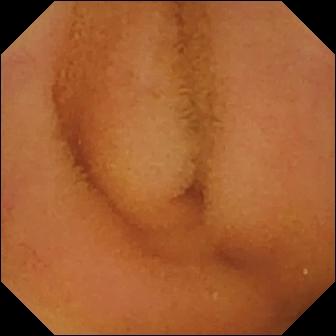- modality: VCE
- finding: normal clean mucosa